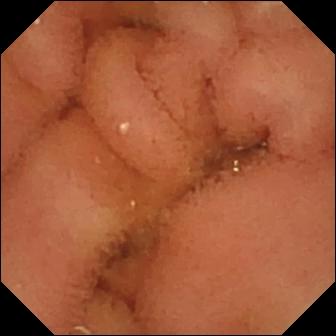Q: What does this video capsule endoscopy snapshot show?
A: Normal clean mucosa.